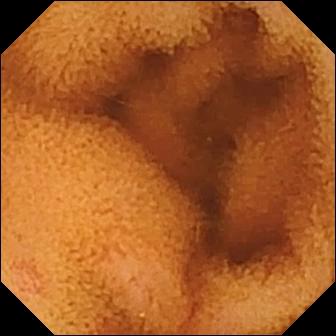This small-bowel capsule endoscopy still shows normal clean mucosa.